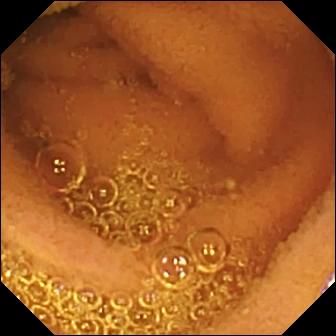- modality: WCE
- impression: normal clean mucosa